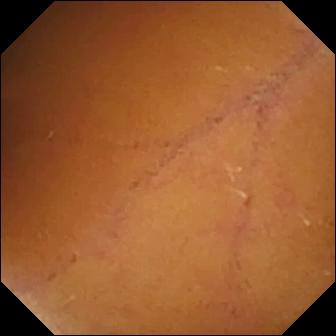PROCEDURE: Wireless capsule endoscopy.
FINDINGS: Normal clean mucosa.